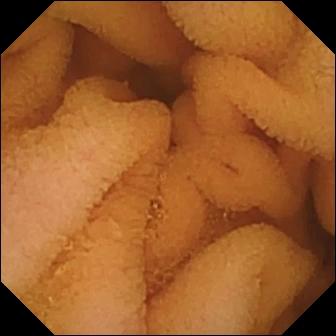Normal clean mucosa.